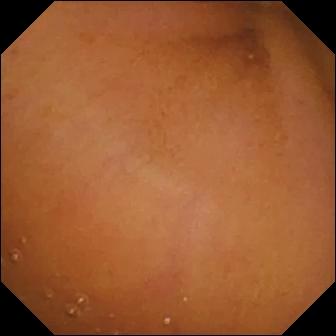{"modality": "wireless capsule endoscopy", "segment": "small intestine", "finding": "normal clean mucosa"}